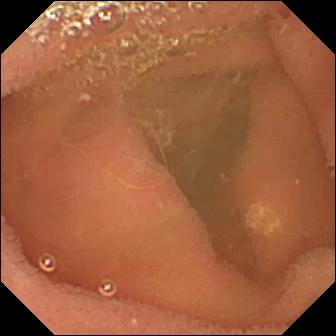{"modality": "small-bowel capsule endoscopy", "category": "luminal finding", "finding": "lymphangiectasia"}